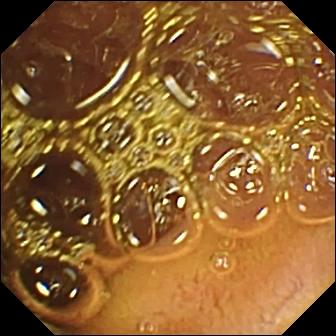Q: What does this WCE view show?
A: Normal clean mucosa.